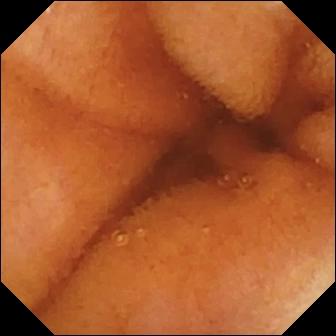modality: video capsule endoscopy
segment: small intestine
observation: normal clean mucosa